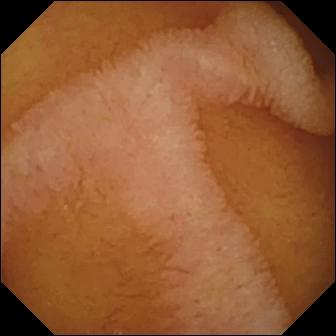PROCEDURE: Small-bowel capsule endoscopy.
FINDINGS: Normal clean mucosa.